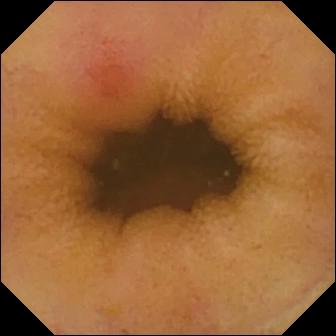- modality: capsule endoscopy
- observation: erythema (mucosal redness)